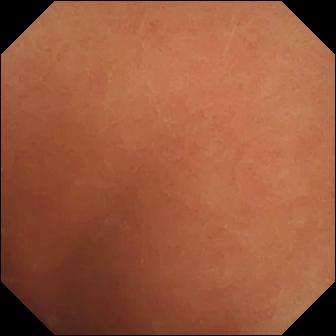Q: What does this wireless capsule endoscopy image show?
A: Normal clean mucosa.